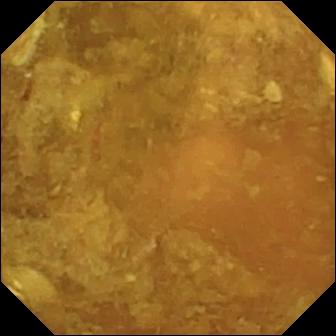Small-bowel capsule endoscopy — reduced mucosal view (content or bubbles obscuring the mucosa).